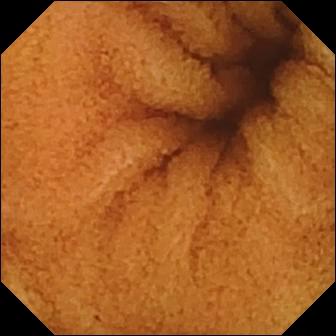Wireless capsule endoscopy — normal clean mucosa.